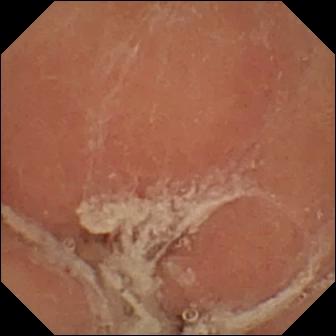Q: Where in the digestive tract was this VCE snapshot taken?
A: Pylorus region.